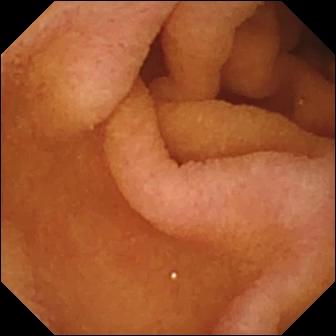{"modality": "wireless capsule endoscopy", "label": "pylorus region (where the capsule passes from the stomach into the small bowel)"}